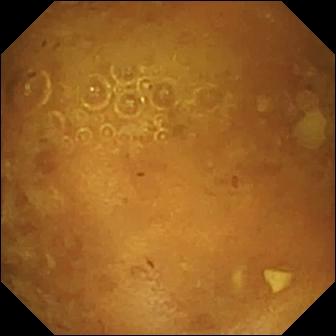WCE view
Label: reduced mucosal view (content or bubbles obscuring the mucosa)